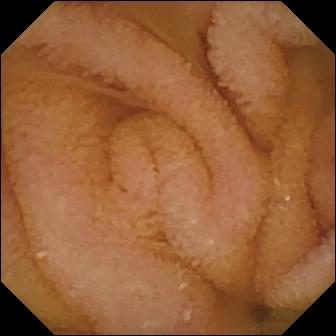Q: What does this WCE snapshot show?
A: Normal clean mucosa.